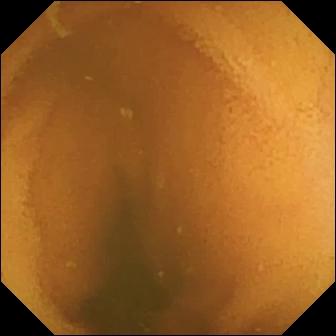modality: WCE
category: luminal finding
observation: normal clean mucosa